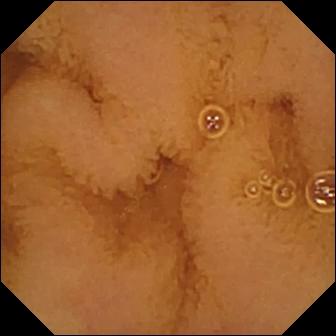Small-bowel capsule endoscopy. Luminal finding. Observation: normal clean mucosa.